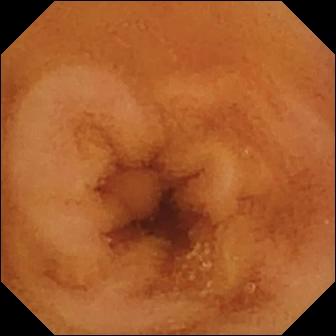Capsule endoscopy — normal clean mucosa.